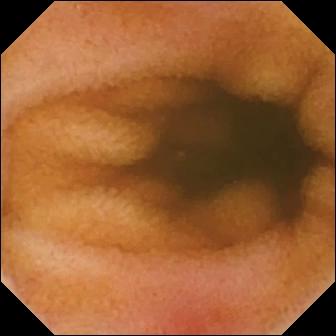Capsule endoscopy — erythema (mucosal redness).